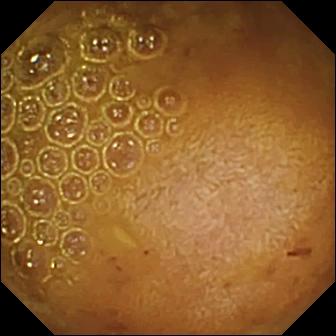Capsule endoscopy snapshot (small intestine). Reduced mucosal view (content or bubbles obscuring the mucosa).